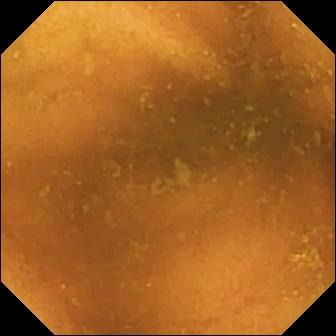Normal clean mucosa — small-bowel capsule endoscopy view of the small intestine.